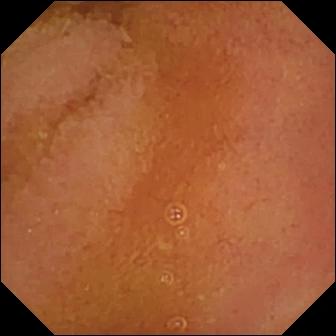modality: video capsule endoscopy; label: normal clean mucosa